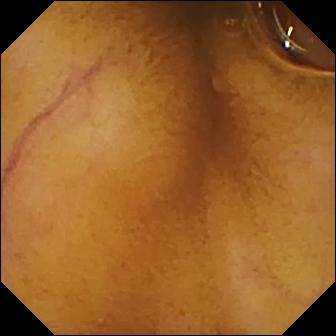Normal clean mucosa — capsule endoscopy image.